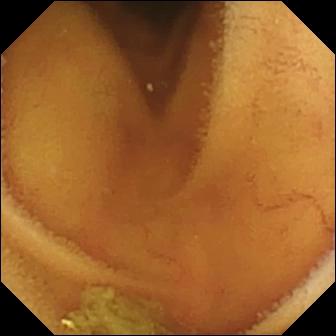Video capsule endoscopy — normal clean mucosa.